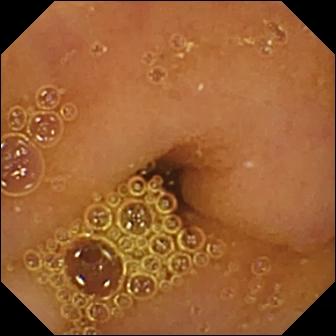WCE — normal clean mucosa.